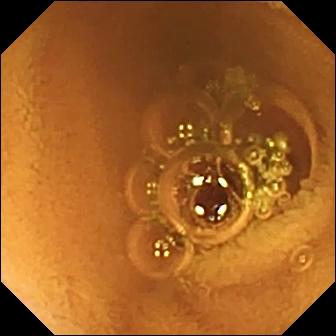VCE view
Observation: normal clean mucosa